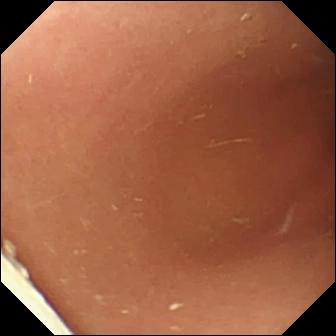Q: What does this video capsule endoscopy still show?
A: Foreign body (e.g. retained capsule, tablet residue).